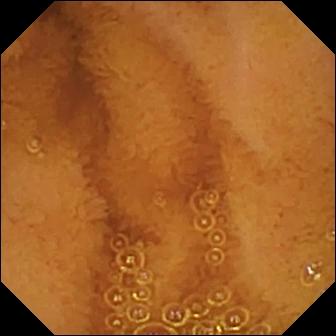modality: small-bowel capsule endoscopy | segment: small bowel | observation: normal clean mucosa